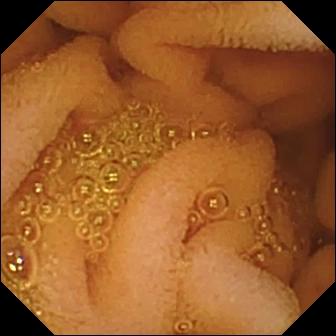This VCE view of the small bowel shows normal clean mucosa.